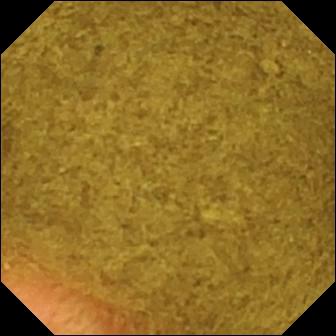modality: WCE
position: ileo-cecal valve region